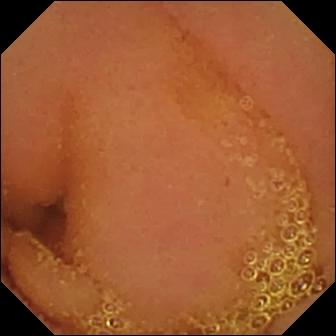Video capsule endoscopy — normal clean mucosa.